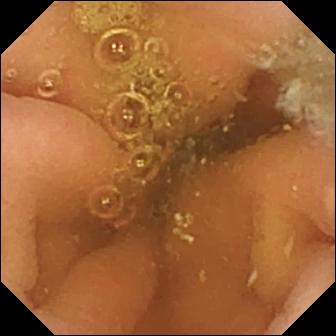Capsule endoscopy — pylorus region (the junction between the stomach and the small bowel).